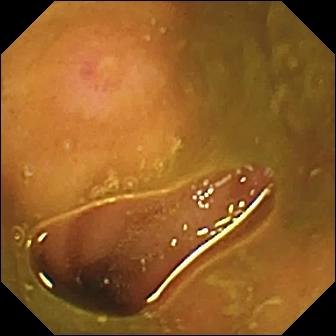Q: What does this video capsule endoscopy frame show?
A: Erosion.